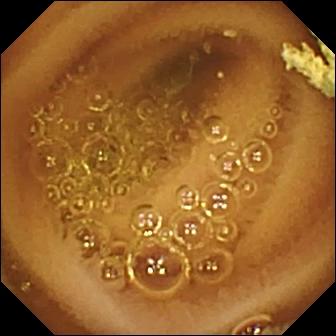modality: video capsule endoscopy | finding: normal clean mucosa